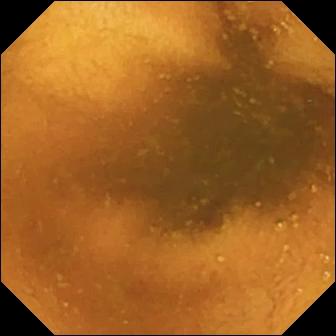Video capsule endoscopy view. Normal clean mucosa.